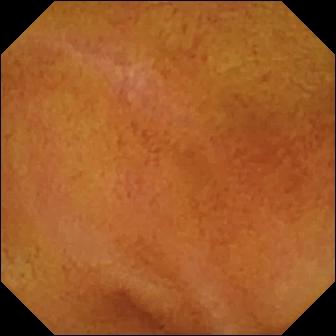WCE still of the small intestine showing normal clean mucosa.